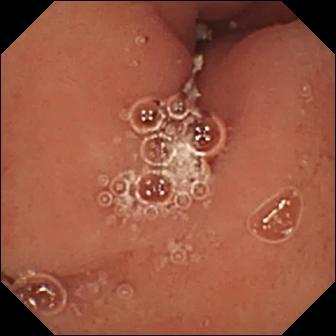Pylorus region (the junction between the stomach and the small bowel).